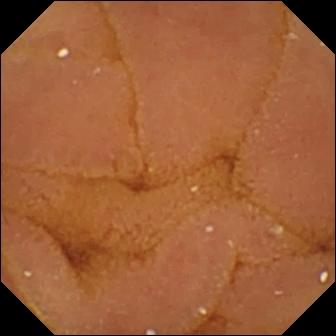Q: What does this WCE snapshot of the small bowel show?
A: Normal clean mucosa.